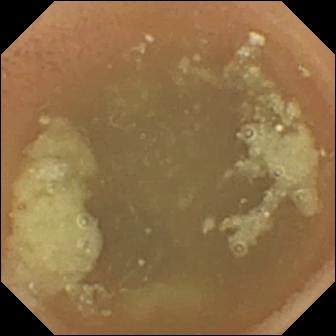Capsule endoscopy view showing normal clean mucosa.